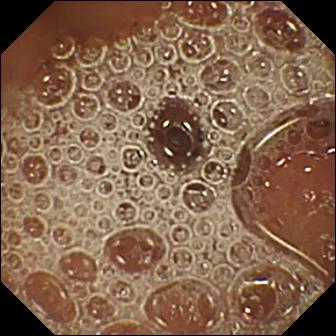Normal clean mucosa — VCE view.